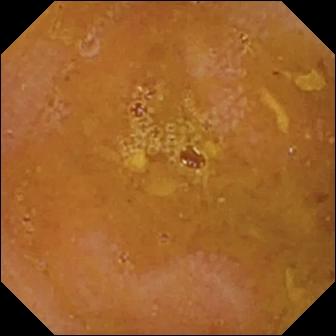- modality: video capsule endoscopy
- segment: small intestine
- observation: reduced mucosal view (content or bubbles obscuring the mucosa)